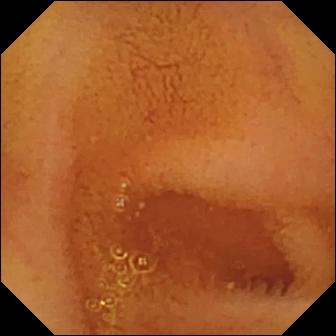- modality: VCE
- segment: small bowel
- category: luminal finding
- finding: normal clean mucosa